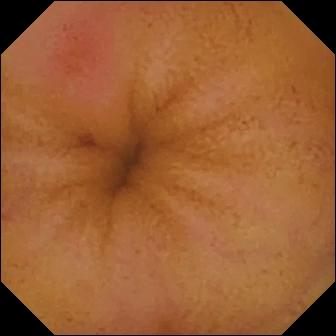Wireless capsule endoscopy frame
Label: erythema (mucosal redness)